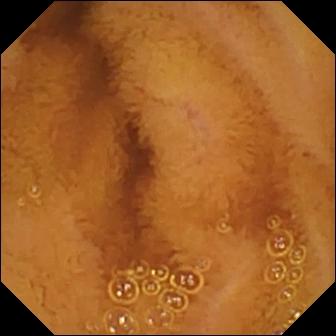Normal clean mucosa — VCE view.